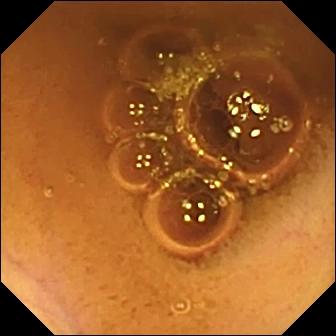Capsule endoscopy snapshot, small intestine
Label: normal clean mucosa